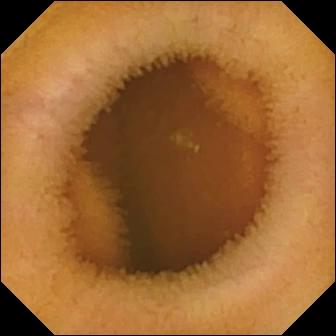{"modality": "small-bowel capsule endoscopy", "category": "luminal finding", "finding": "normal clean mucosa"}